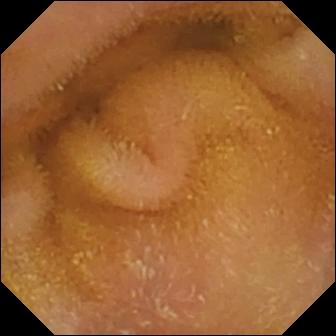Q: What does this WCE still of the small bowel show?
A: Normal clean mucosa.